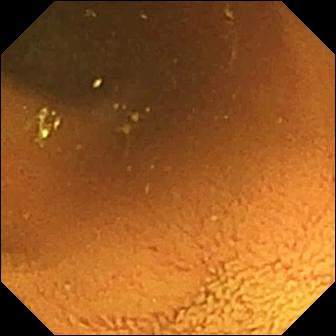Small-bowel capsule endoscopy still showing normal clean mucosa.